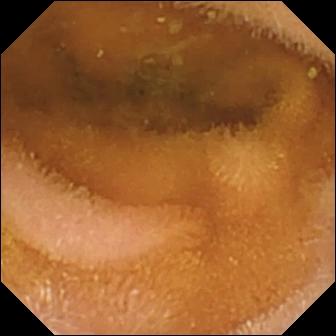This capsule endoscopy frame shows normal clean mucosa.